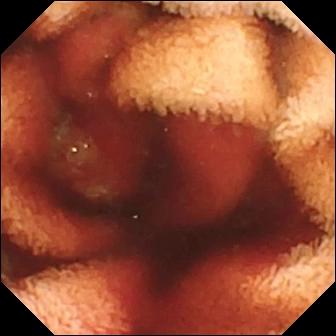Video capsule endoscopy frame. Fresh blood in the lumen.